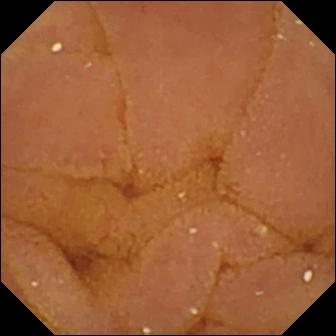{"modality": "VCE", "segment": "small bowel", "finding": "normal clean mucosa"}